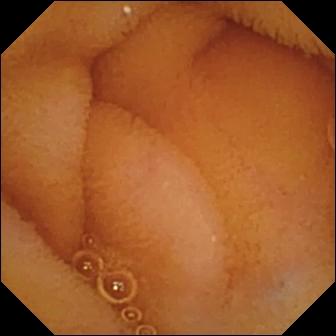Capsule endoscopy image, small intestine
Impression: normal clean mucosa